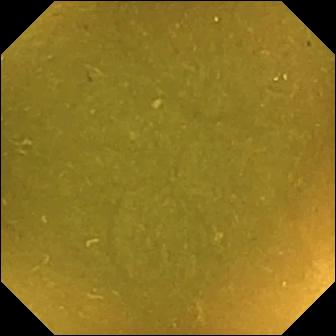Video capsule endoscopy. Near an anatomical landmark. Location: ileo-cecal valve region (the transition from the small bowel to the large bowel).